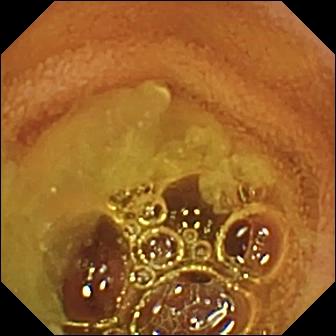Normal clean mucosa — video capsule endoscopy view of the small bowel.